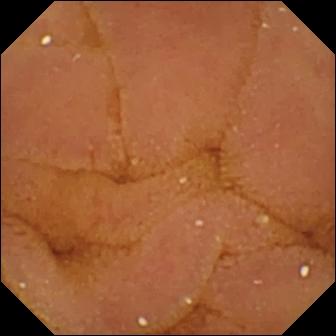Video capsule endoscopy image showing normal clean mucosa.